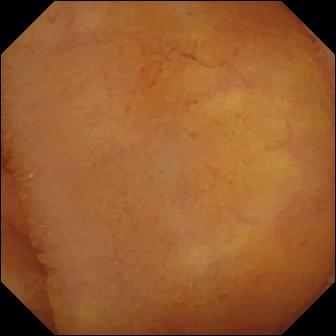Small-bowel capsule endoscopy image of the small bowel showing normal clean mucosa.